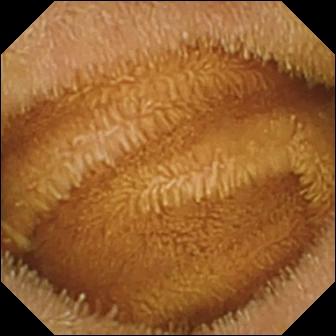modality: wireless capsule endoscopy
category: luminal finding
observation: normal clean mucosa